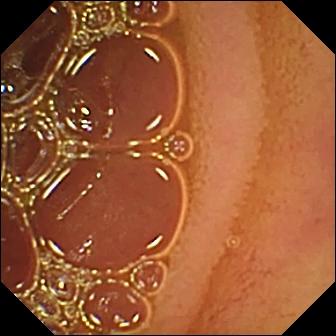Normal clean mucosa.